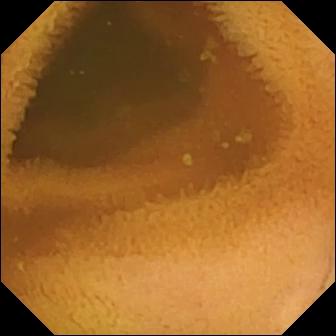PROCEDURE: WCE.
FINDINGS: Normal clean mucosa.